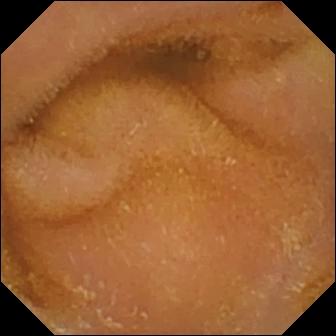Q: What does this capsule endoscopy snapshot of the small intestine show?
A: Normal clean mucosa.